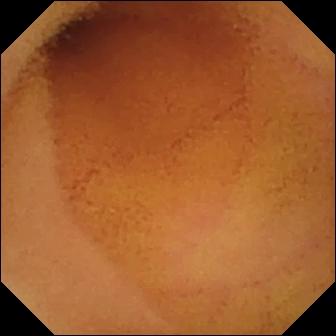modality: WCE
label: normal clean mucosa